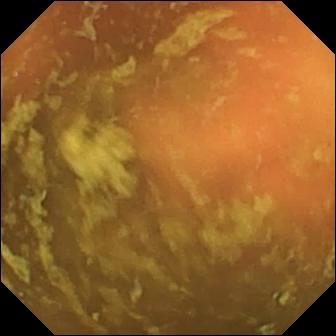- modality: VCE
- category: anatomical landmark
- position: ileo-cecal valve region (where the capsule passes from the small bowel into the large bowel)